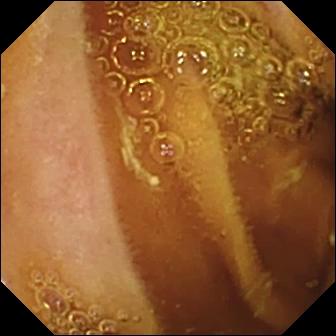Wireless capsule endoscopy snapshot. Normal clean mucosa.